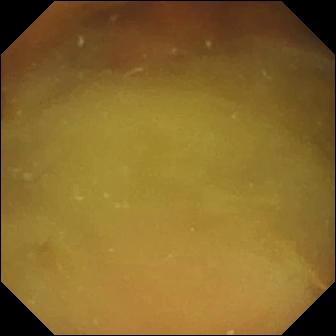This VCE still shows normal clean mucosa.